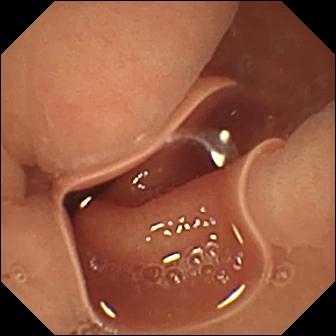modality: small-bowel capsule endoscopy
observation: normal clean mucosa